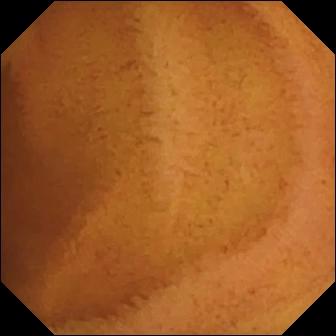PROCEDURE: WCE.
FINDINGS: Normal clean mucosa.